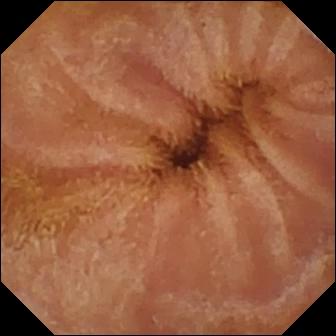modality: capsule endoscopy
category: luminal finding
impression: normal clean mucosa